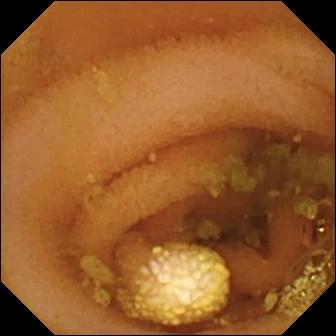modality: wireless capsule endoscopy; category: luminal finding; label: lymphangiectasia